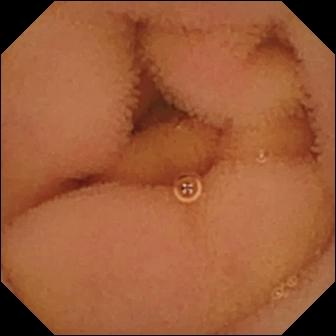{"modality": "small-bowel capsule endoscopy", "category": "luminal finding", "finding": "normal clean mucosa"}